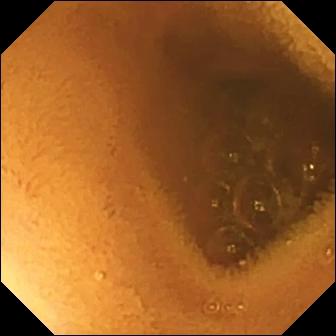Normal clean mucosa.